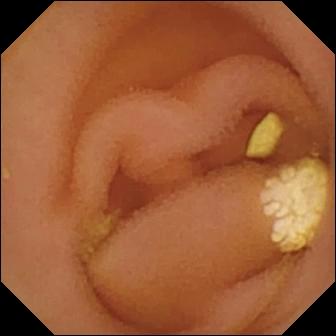Lymphangiectasia.